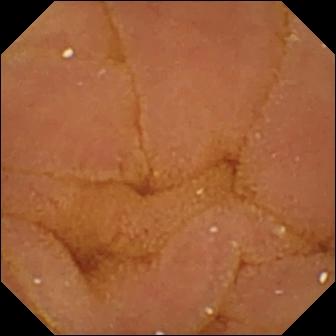PROCEDURE: Video capsule endoscopy.
SEGMENT: Small intestine.
FINDINGS: Normal clean mucosa.